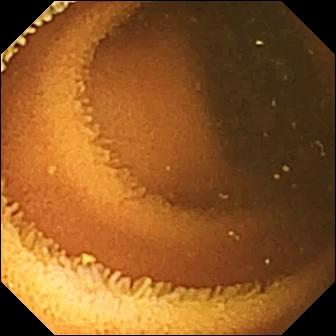Capsule endoscopy — normal clean mucosa.